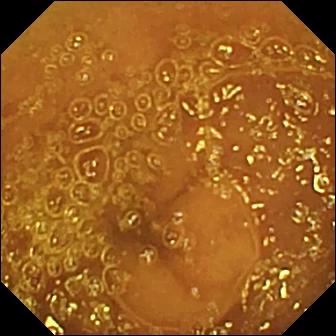PROCEDURE: Video capsule endoscopy.
FINDINGS: Normal clean mucosa.